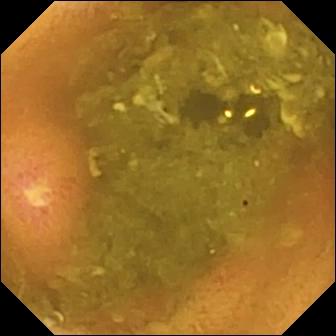VCE. Finding: ulcer.